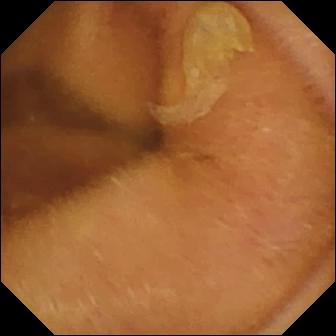Capsule endoscopy snapshot
Observation: normal clean mucosa